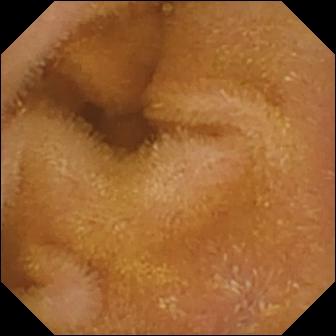WCE. Observation: normal clean mucosa.